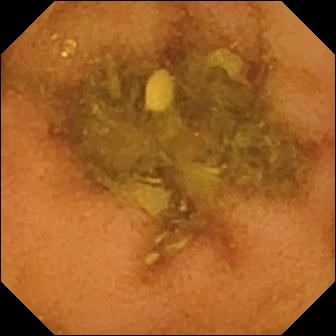Small-bowel capsule endoscopy snapshot
Observation: normal clean mucosa